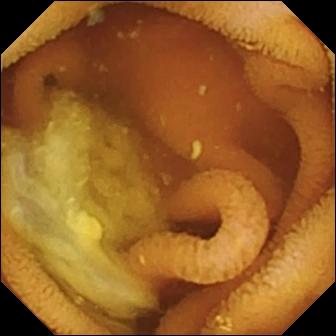- modality: video capsule endoscopy
- segment: small intestine
- category: luminal finding
- observation: normal clean mucosa